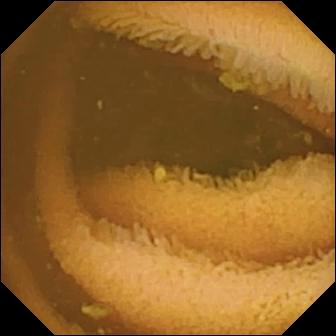Normal clean mucosa — video capsule endoscopy frame.